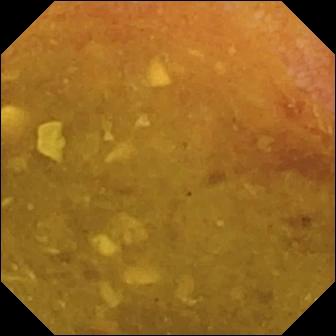Video capsule endoscopy. Luminal finding. Impression: reduced mucosal view (content or bubbles obscuring the mucosa).